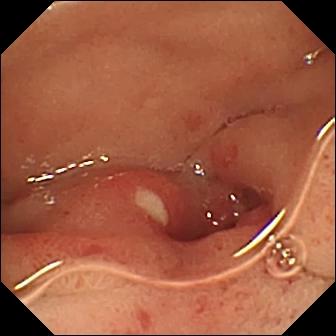Small-bowel capsule endoscopy — ulcer.